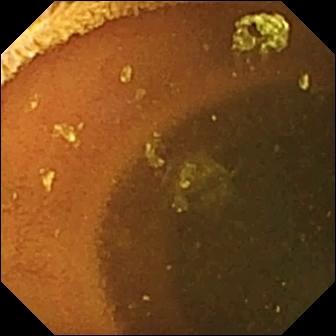Normal clean mucosa — capsule endoscopy view of the small intestine.